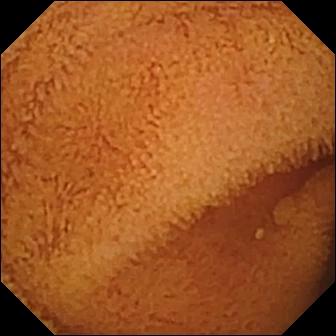Normal clean mucosa — capsule endoscopy frame of the small intestine.